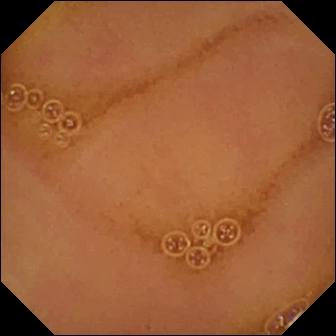WCE snapshot (small intestine), 336×336. Normal clean mucosa.